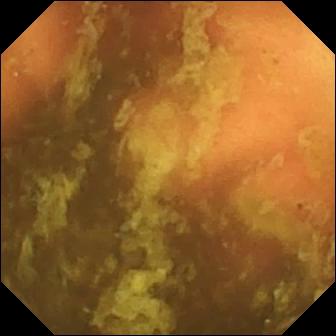Ileo-cecal valve region (the transition from the small bowel to the large bowel) — video capsule endoscopy snapshot.